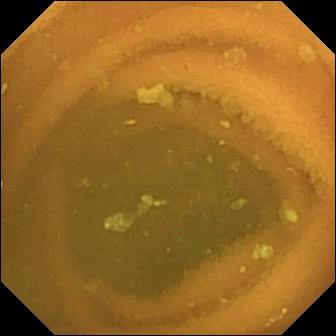Normal clean mucosa (336×336).